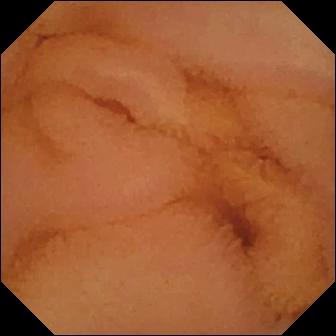- modality: video capsule endoscopy
- finding: normal clean mucosa